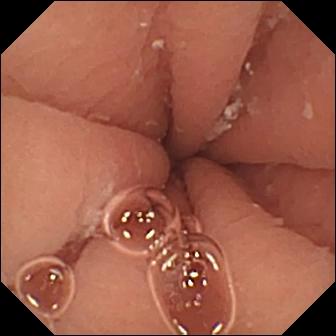Q: Where in the digestive tract was this WCE still taken?
A: Pylorus region.